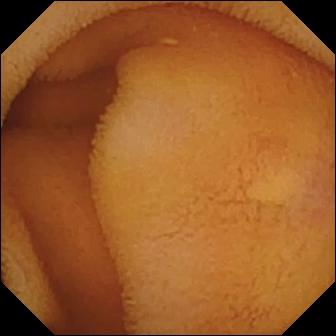Wireless capsule endoscopy frame, small bowel
Observation: normal clean mucosa